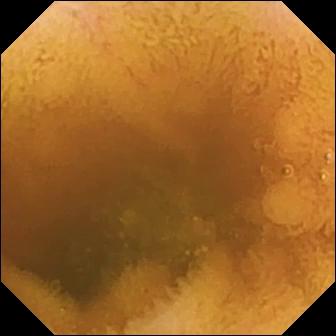Normal clean mucosa — wireless capsule endoscopy snapshot.